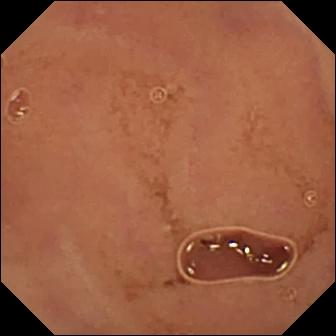PROCEDURE: Small-bowel capsule endoscopy.
FINDINGS: Normal clean mucosa.